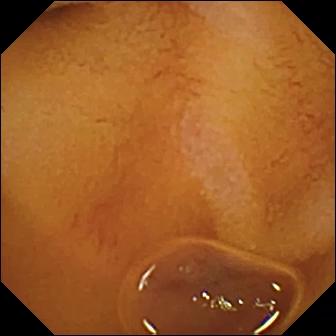VCE — normal clean mucosa.